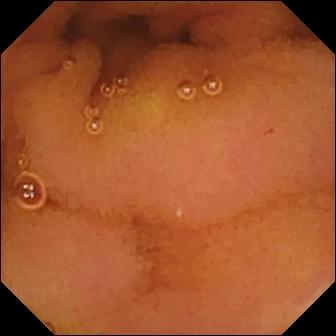WCE. Impression: normal clean mucosa.